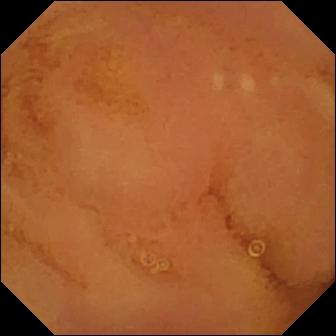modality: WCE | segment: small bowel | label: normal clean mucosa